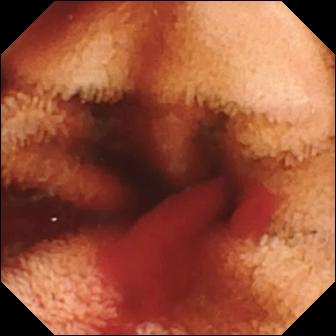Fresh blood in the lumen.